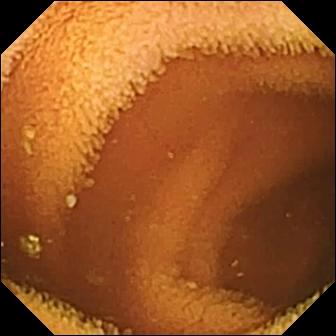WCE — normal clean mucosa.